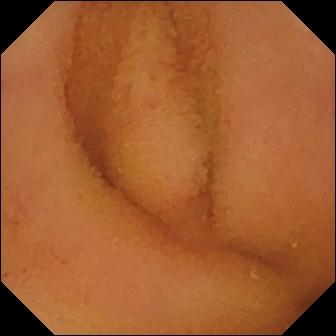modality: video capsule endoscopy
segment: small intestine
finding: normal clean mucosa